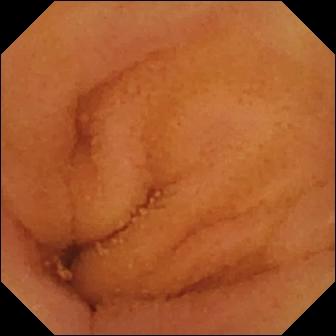Q: What does this wireless capsule endoscopy snapshot show?
A: Normal clean mucosa.